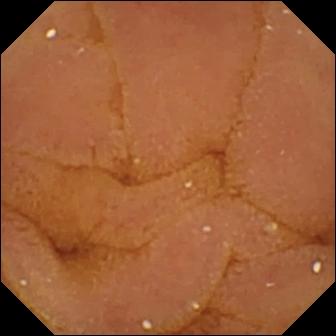WCE. Observation: normal clean mucosa.